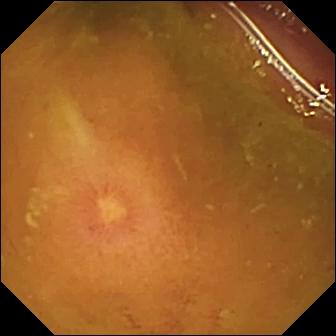{"modality": "video capsule endoscopy", "category": "luminal finding", "finding": "ulcer"}